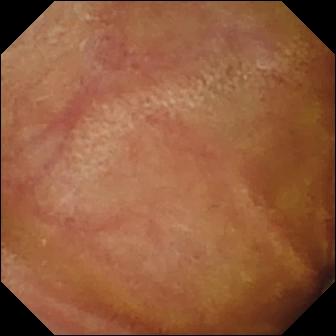Normal clean mucosa (336×336).